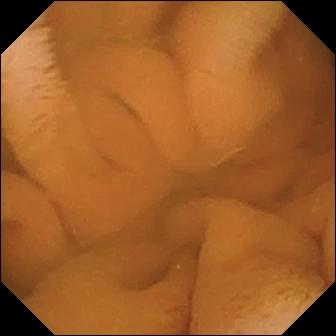WCE still
Impression: normal clean mucosa